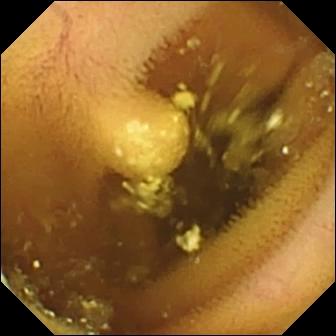PROCEDURE: VCE.
FINDINGS: Lymphangiectasia.